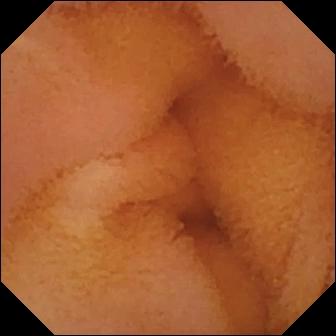Normal clean mucosa.